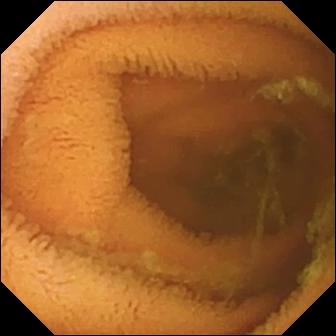{"modality": "video capsule endoscopy", "segment": "small bowel", "category": "luminal finding", "finding": "normal clean mucosa"}